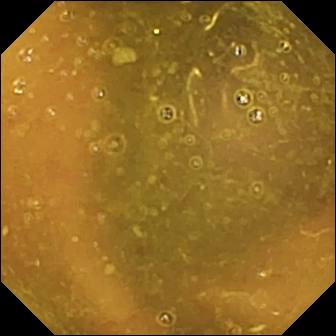Q: What does this capsule endoscopy snapshot of the small bowel show?
A: Reduced mucosal view (content or bubbles obscuring the mucosa).